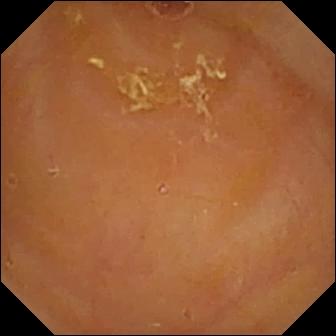Reduced mucosal view (content or bubbles obscuring the mucosa) — capsule endoscopy image.